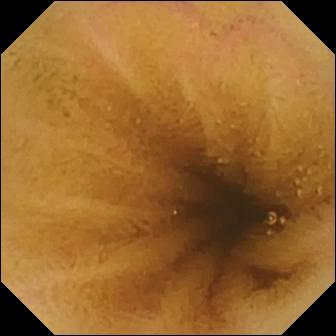VCE view, small intestine
Observation: normal clean mucosa